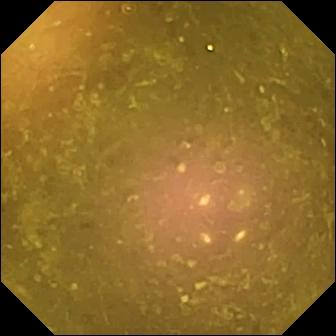Q: What does this video capsule endoscopy snapshot show?
A: Reduced mucosal view (content or bubbles obscuring the mucosa).